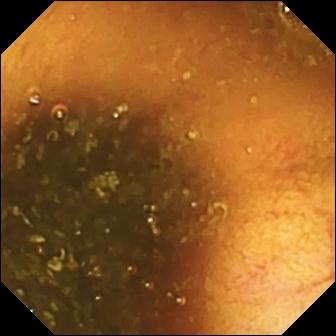PROCEDURE: Wireless capsule endoscopy.
POSITION: Ileo-cecal valve region (where the capsule passes from the small bowel into the large bowel).